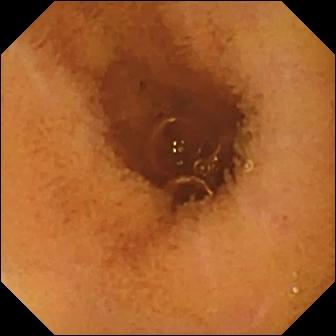Normal clean mucosa — wireless capsule endoscopy view.